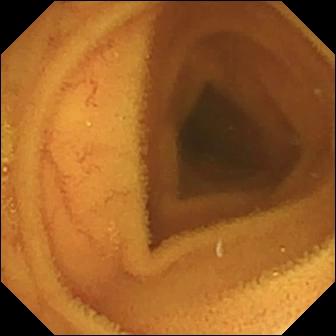Normal clean mucosa.